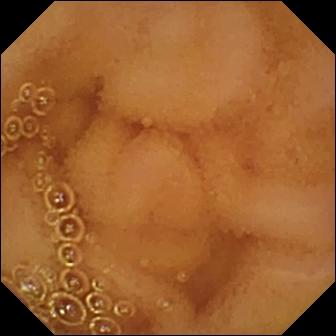Capsule endoscopy view, small intestine
Finding: normal clean mucosa